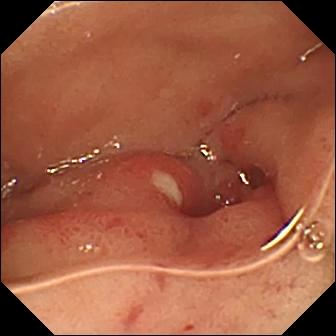VCE image
Observation: ulcer